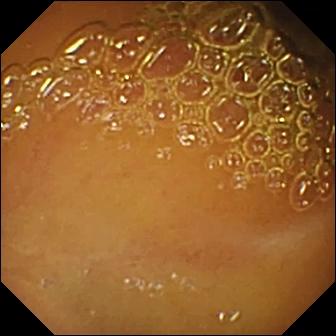modality: small-bowel capsule endoscopy
category: luminal finding
label: normal clean mucosa